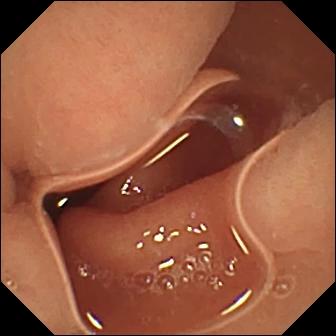This WCE still shows normal clean mucosa.